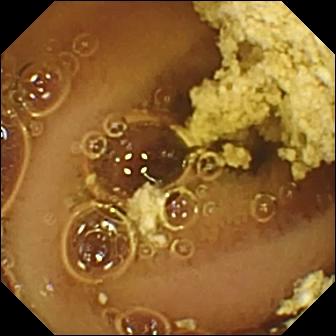This WCE still of the small intestine shows normal clean mucosa.